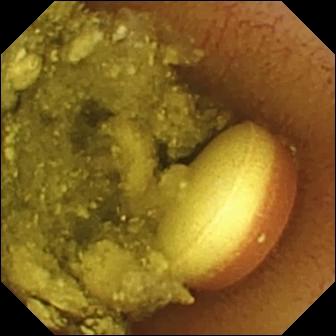Foreign body (e.g. retained capsule, tablet residue).